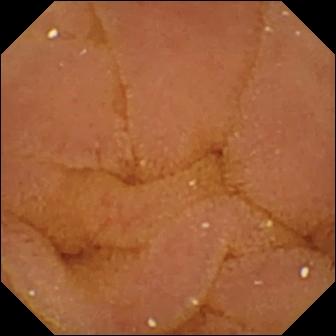Normal clean mucosa — WCE still of the small bowel.